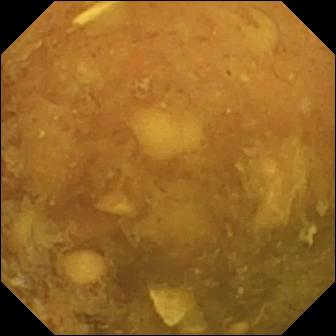Video capsule endoscopy view. Reduced mucosal view (content or bubbles obscuring the mucosa).